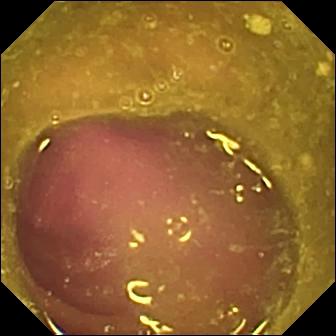Wireless capsule endoscopy. Luminal finding. Label: reduced mucosal view (content or bubbles obscuring the mucosa).